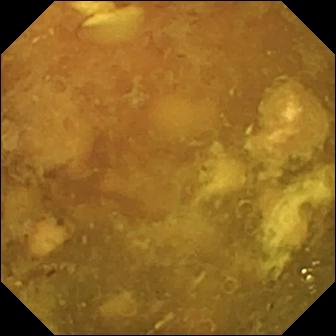- modality: VCE
- segment: small bowel
- impression: reduced mucosal view (content or bubbles obscuring the mucosa)